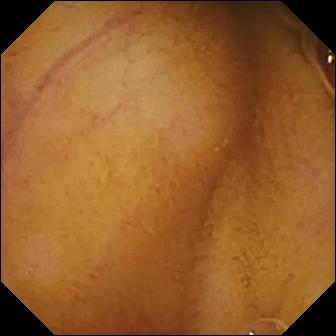Normal clean mucosa — capsule endoscopy snapshot of the small bowel.